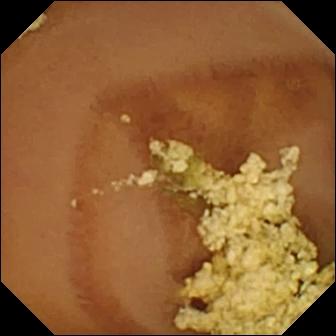modality: wireless capsule endoscopy; segment: small intestine; category: luminal finding; impression: normal clean mucosa